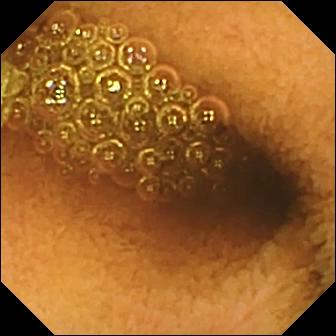WCE view, small intestine
Finding: reduced mucosal view (content or bubbles obscuring the mucosa)